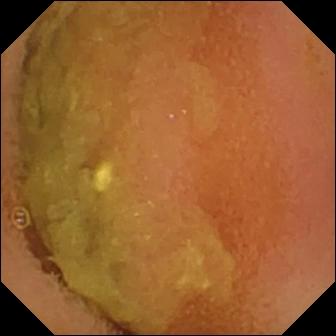WCE view, small intestine
Label: normal clean mucosa